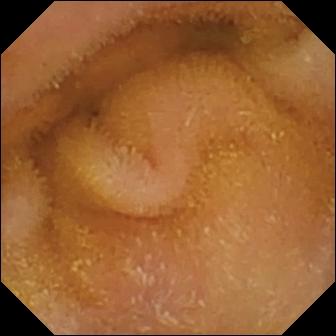- modality: wireless capsule endoscopy
- observation: normal clean mucosa